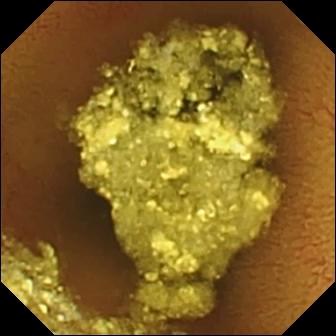Normal clean mucosa — small-bowel capsule endoscopy still.